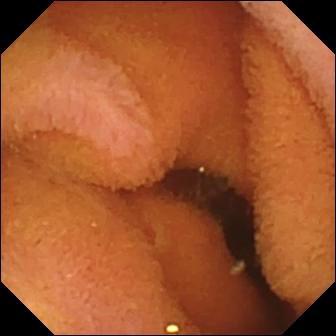Wireless capsule endoscopy snapshot, small intestine
Label: normal clean mucosa